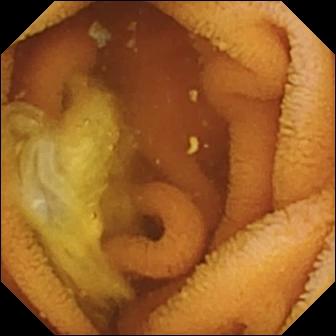Normal clean mucosa — video capsule endoscopy still of the small intestine.